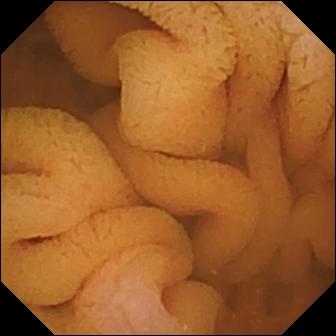Wireless capsule endoscopy snapshot of the small bowel showing normal clean mucosa.